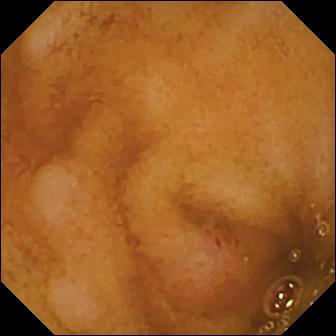modality: video capsule endoscopy
category: luminal finding
label: erosion